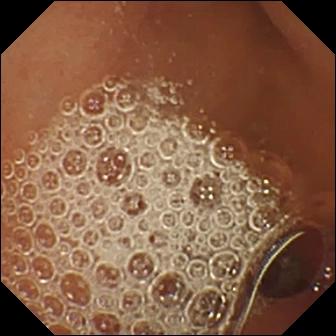Small-bowel capsule endoscopy still
Observation: normal clean mucosa